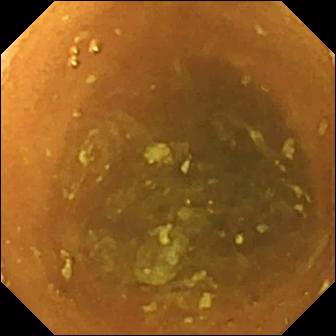modality: wireless capsule endoscopy | observation: normal clean mucosa